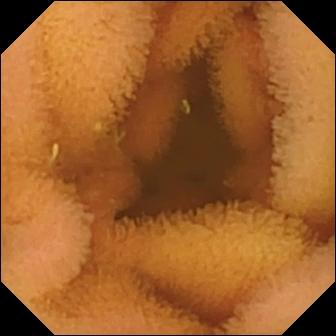This capsule endoscopy frame of the small bowel shows normal clean mucosa.